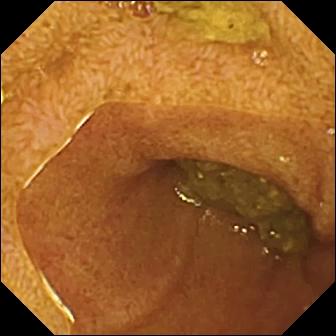Video capsule endoscopy. Near an anatomical landmark. Label: ileo-cecal valve region (where the capsule passes from the small bowel into the large bowel).